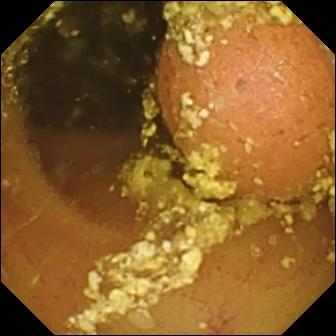WCE — foreign body (e.g. retained capsule, tablet residue).